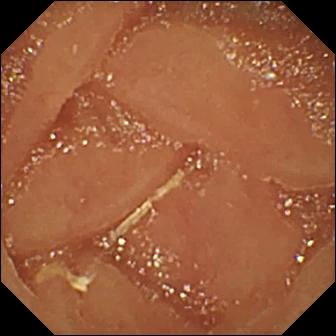Small-bowel capsule endoscopy. Observation: normal clean mucosa.